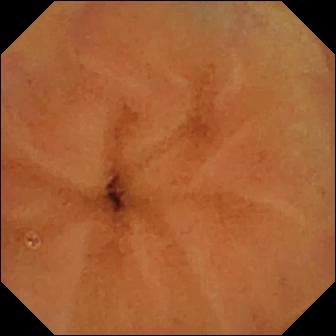This WCE view shows normal clean mucosa.